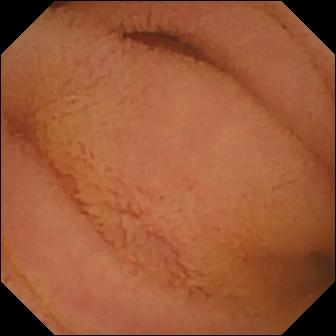Normal clean mucosa — VCE frame of the small intestine.